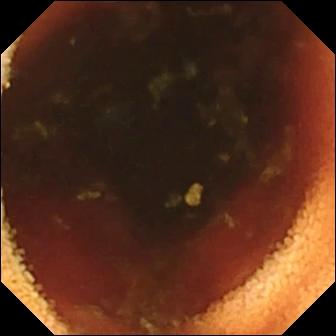Ileo-cecal valve region (where the capsule passes from the small bowel into the large bowel).